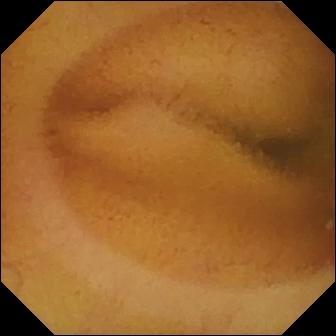WCE. Luminal finding. Impression: normal clean mucosa.